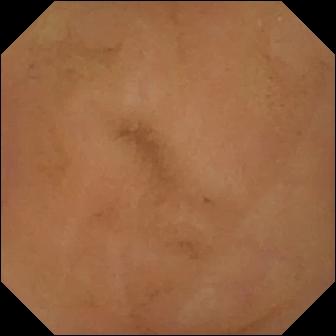Wireless capsule endoscopy snapshot. Normal clean mucosa.